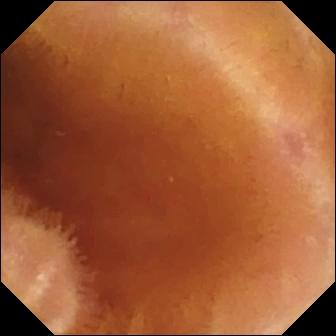Normal clean mucosa.